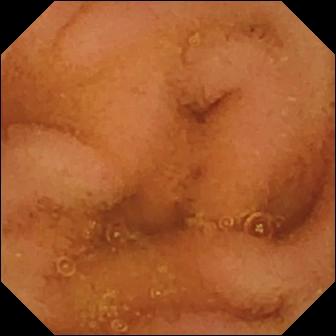Normal clean mucosa.